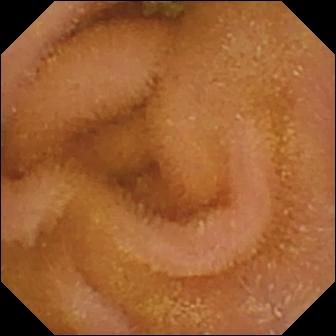VCE. Small bowel. Label: normal clean mucosa.